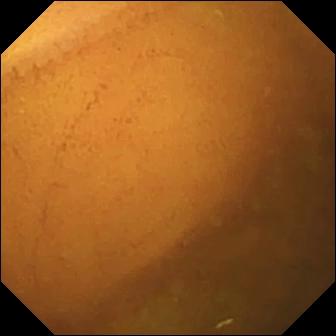This video capsule endoscopy view shows normal clean mucosa.